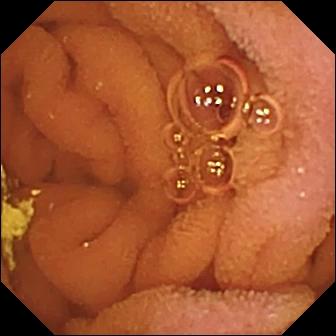PROCEDURE: Capsule endoscopy.
SEGMENT: Small intestine.
FINDINGS: Normal clean mucosa.